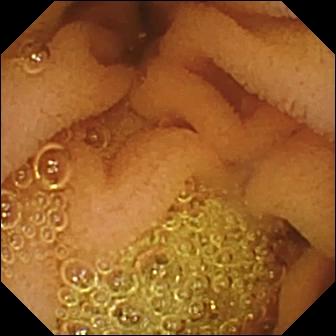Video capsule endoscopy. Finding: normal clean mucosa.